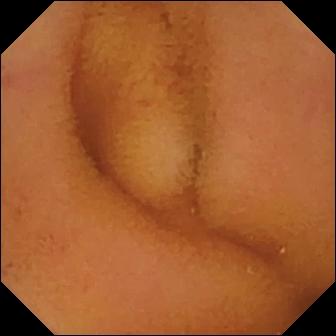Normal clean mucosa — VCE view.